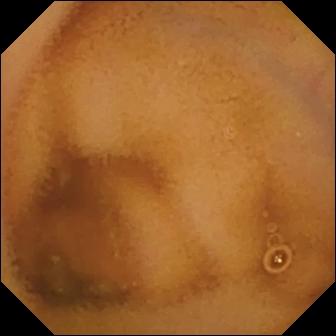{"modality": "VCE", "segment": "small intestine", "finding": "normal clean mucosa"}